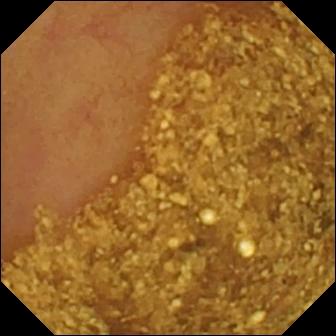WCE still
Label: ileo-cecal valve region (where the capsule passes from the small bowel into the large bowel)